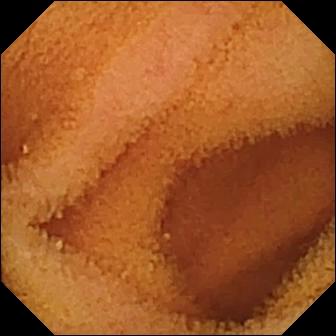This small-bowel capsule endoscopy frame of the small bowel shows normal clean mucosa.